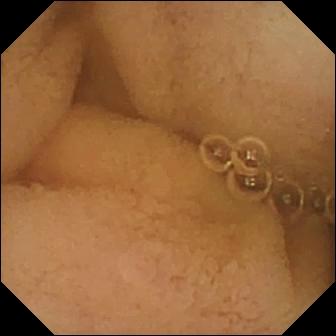Video capsule endoscopy frame taken in the pylorus region.